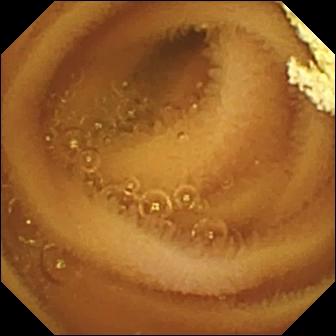Q: What does this VCE frame of the small bowel show?
A: Normal clean mucosa.